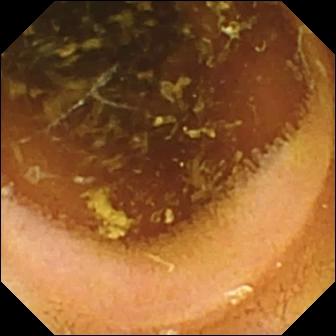{"modality": "small-bowel capsule endoscopy", "segment": "small bowel", "finding": "normal clean mucosa"}